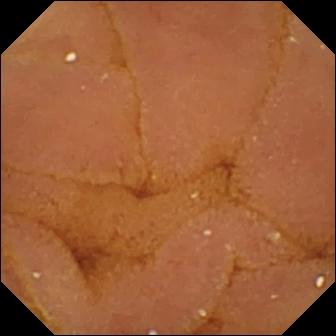Capsule endoscopy — normal clean mucosa.